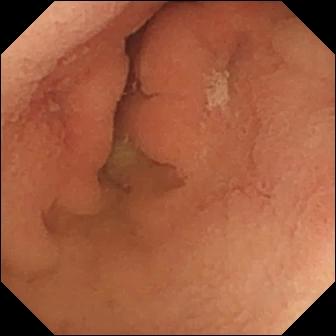WCE. Observation: erosion.